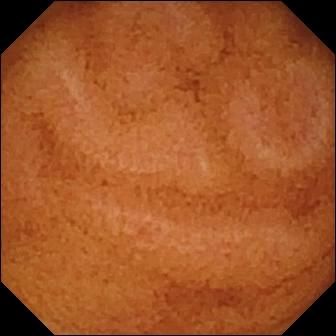WCE snapshot (small bowel). Normal clean mucosa.